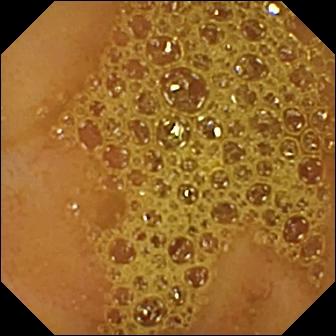PROCEDURE: Wireless capsule endoscopy.
POSITION: Ileo-cecal valve region (the transition from the small bowel to the large bowel).